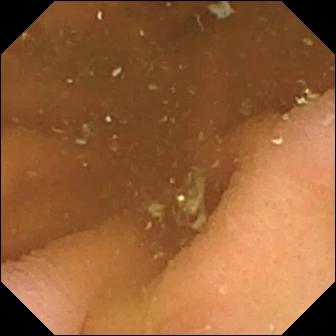This WCE image was taken in the pylorus region (the junction between the stomach and the small bowel).